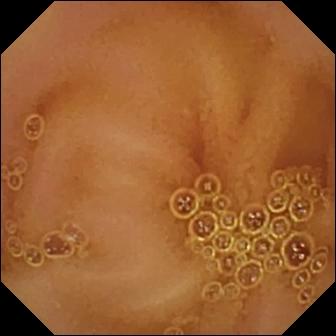WCE image. Normal clean mucosa.